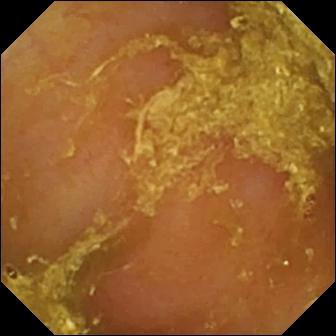Wireless capsule endoscopy. Small intestine. Luminal finding. Label: reduced mucosal view (content or bubbles obscuring the mucosa).